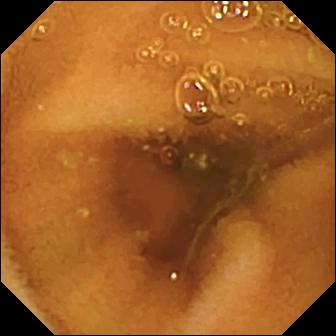Normal clean mucosa — VCE snapshot.